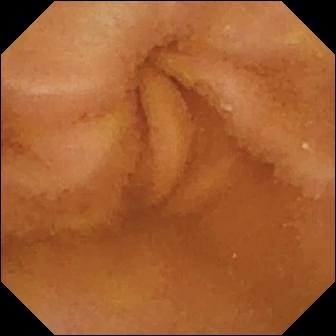{"modality": "small-bowel capsule endoscopy", "segment": "small intestine", "category": "luminal finding", "finding": "normal clean mucosa"}